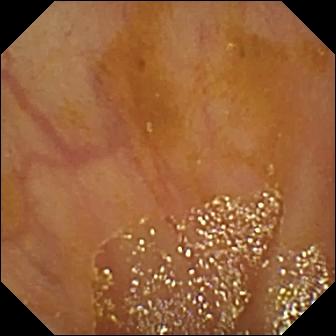Capsule endoscopy still taken in the ileo-cecal valve region (where the capsule passes from the small bowel into the large bowel).